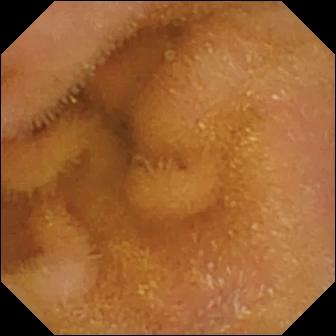{"modality": "small-bowel capsule endoscopy", "finding": "normal clean mucosa"}